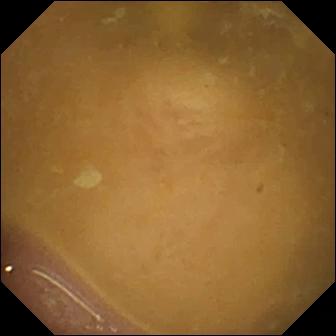WCE snapshot, 336×336. Taken in the ileo-cecal valve region.